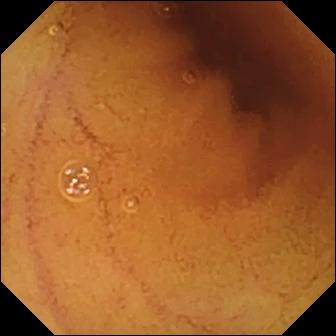VCE view of the small intestine showing normal clean mucosa.